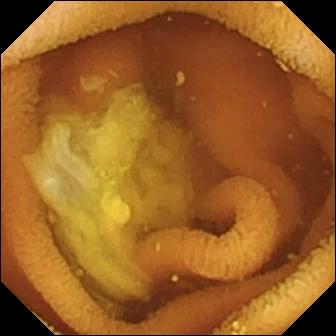PROCEDURE: VCE.
SEGMENT: Small intestine.
FINDINGS: Normal clean mucosa.